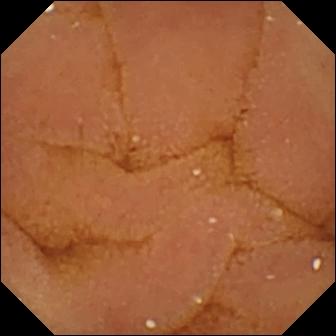VCE view of the small intestine showing normal clean mucosa.